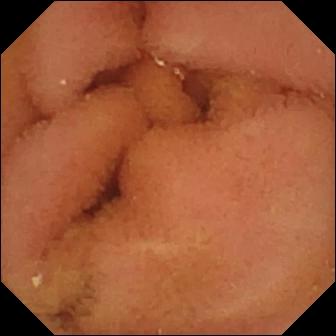Capsule endoscopy snapshot
Finding: normal clean mucosa